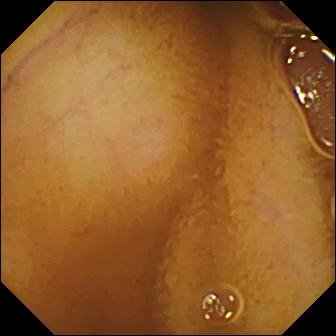- modality: capsule endoscopy
- segment: small bowel
- finding: normal clean mucosa